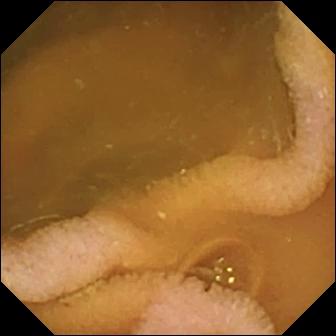Small-bowel capsule endoscopy view, small intestine
Finding: normal clean mucosa